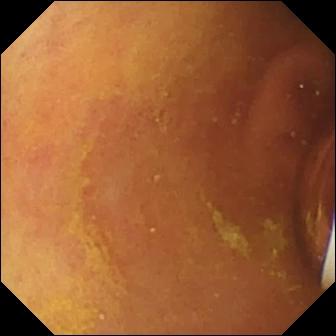Wireless capsule endoscopy view showing foreign body (e.g. retained capsule, tablet residue).